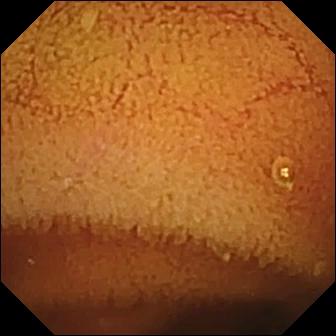Normal clean mucosa.